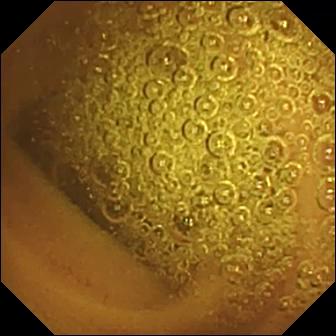PROCEDURE: Wireless capsule endoscopy.
SEGMENT: Small intestine.
FINDINGS: Normal clean mucosa.